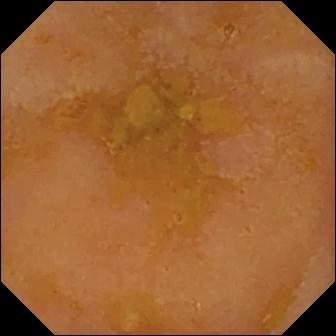This WCE image shows reduced mucosal view (content or bubbles obscuring the mucosa).